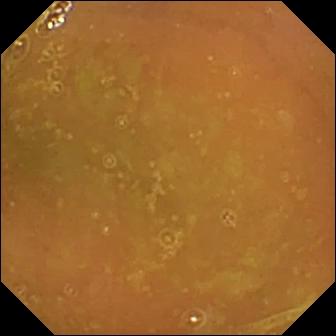Normal clean mucosa (336×336).